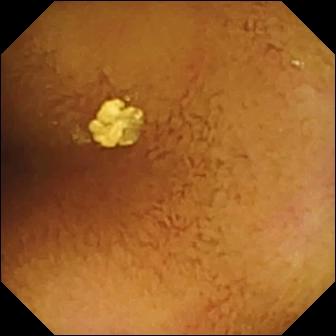Q: What does this small-bowel capsule endoscopy view show?
A: Normal clean mucosa.